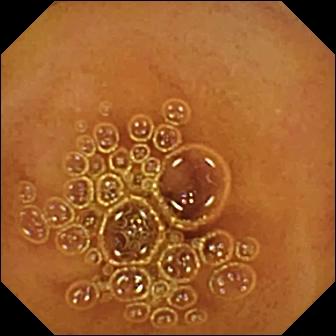- modality: capsule endoscopy
- category: luminal finding
- observation: normal clean mucosa